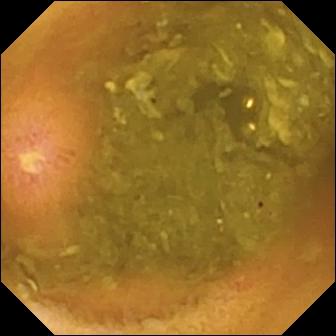{"modality": "capsule endoscopy", "finding": "ulcer"}